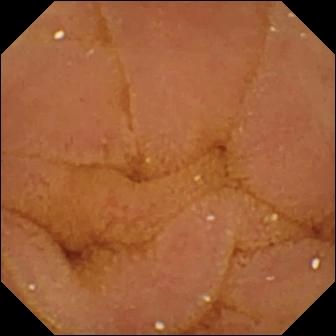{"modality": "capsule endoscopy", "segment": "small bowel", "finding": "normal clean mucosa"}